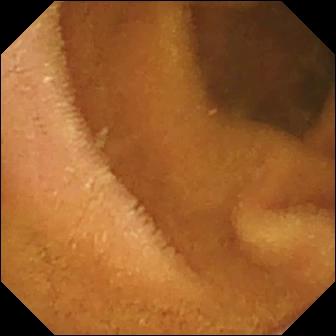- modality: video capsule endoscopy
- segment: small bowel
- finding: normal clean mucosa